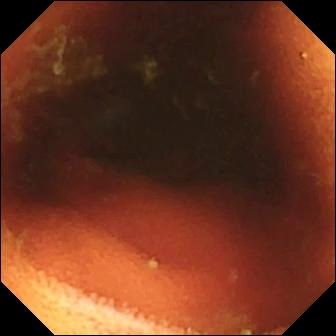VCE — ileo-cecal valve region.